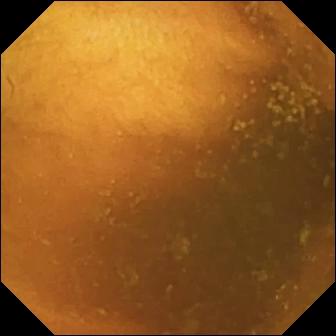This capsule endoscopy snapshot of the small intestine shows normal clean mucosa.